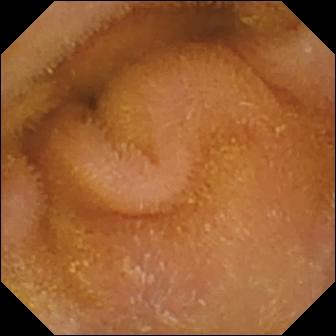Normal clean mucosa.